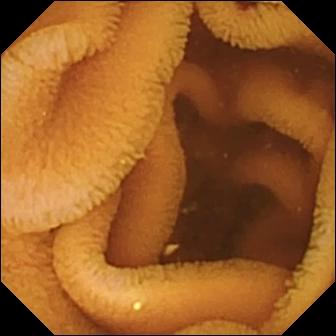Wireless capsule endoscopy frame. Normal clean mucosa.